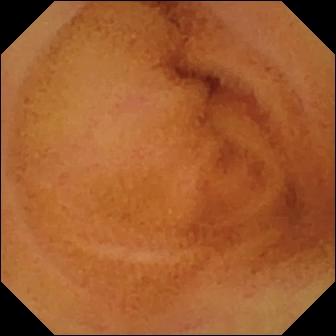{"modality": "VCE", "segment": "small bowel", "finding": "normal clean mucosa"}